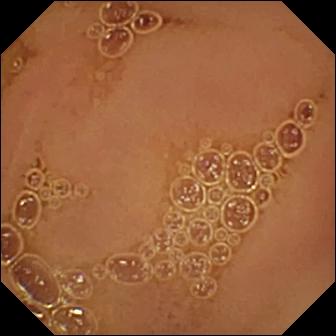WCE image. Normal clean mucosa.